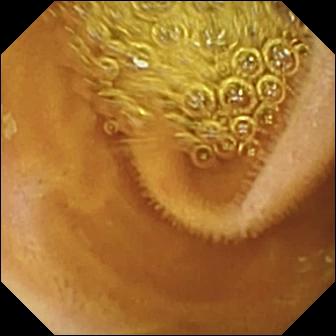{"modality": "VCE", "segment": "small bowel", "finding": "normal clean mucosa"}